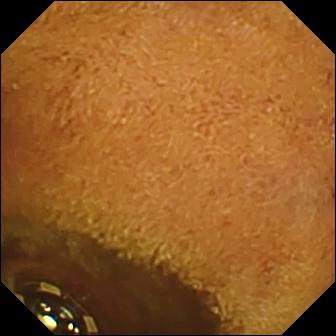Capsule endoscopy — foreign body (e.g. retained capsule, tablet residue).